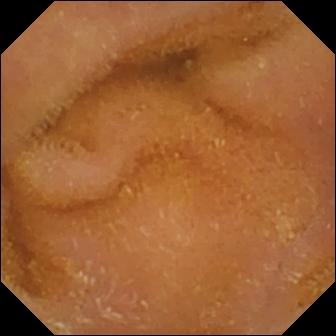Small-bowel capsule endoscopy still (small bowel). Normal clean mucosa.